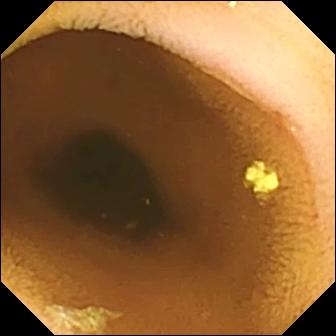Q: What does this WCE still show?
A: Normal clean mucosa.